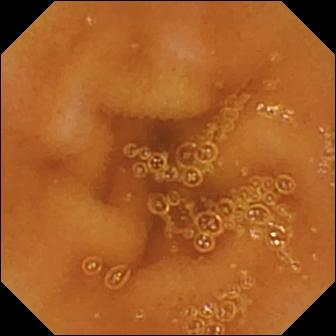Capsule endoscopy image, small bowel
Impression: normal clean mucosa